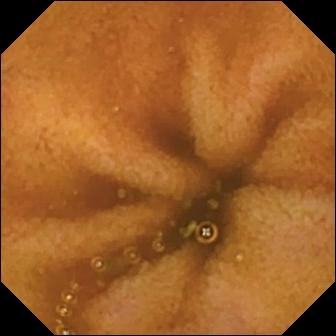Wireless capsule endoscopy frame, small bowel
Label: normal clean mucosa